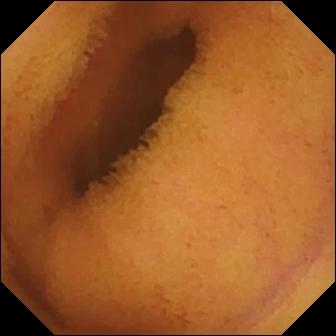{"modality": "VCE", "finding": "normal clean mucosa"}